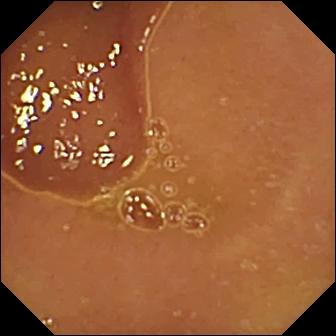modality: wireless capsule endoscopy | segment: small bowel | impression: normal clean mucosa